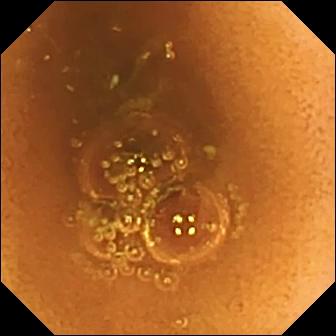Capsule endoscopy frame
Impression: normal clean mucosa